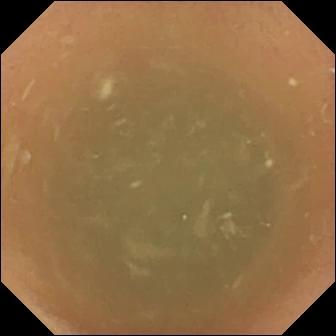Video capsule endoscopy frame, small bowel
Label: normal clean mucosa